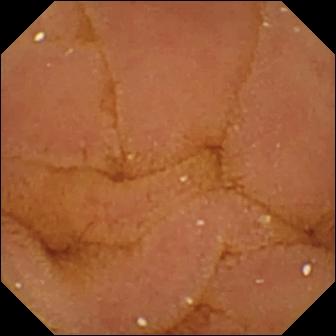Normal clean mucosa — small-bowel capsule endoscopy view.